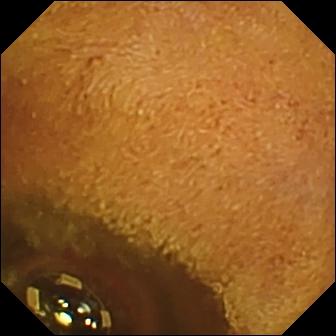Wireless capsule endoscopy still
Impression: foreign body (e.g. retained capsule, tablet residue)